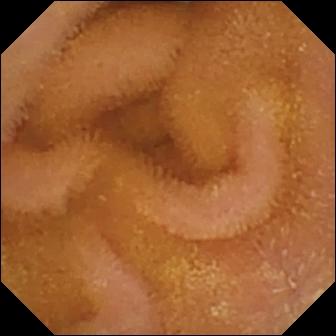Q: What does this video capsule endoscopy snapshot of the small bowel show?
A: Normal clean mucosa.